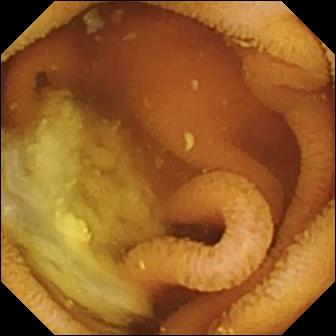Capsule endoscopy — normal clean mucosa.